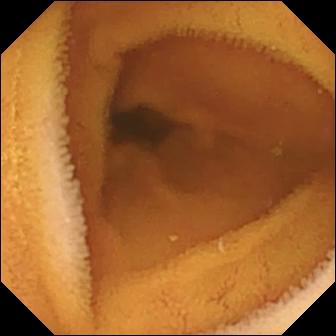PROCEDURE: Capsule endoscopy.
FINDINGS: Normal clean mucosa.